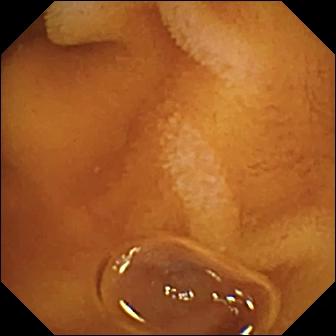Normal clean mucosa — wireless capsule endoscopy snapshot of the small intestine.